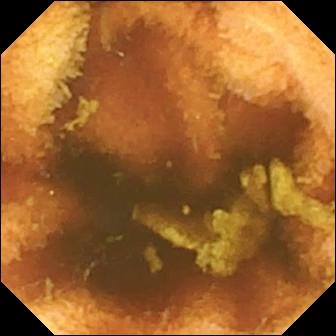This wireless capsule endoscopy snapshot shows normal clean mucosa.